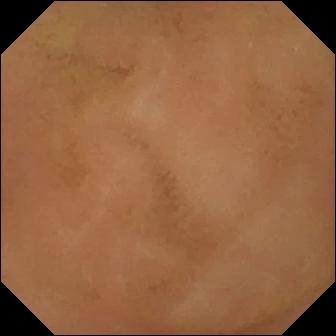Q: What does this capsule endoscopy image of the small intestine show?
A: Normal clean mucosa.